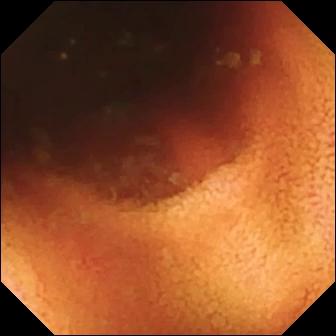Q: Where in the digestive tract was this wireless capsule endoscopy image taken?
A: Ileo-cecal valve region (the transition from the small bowel to the large bowel).